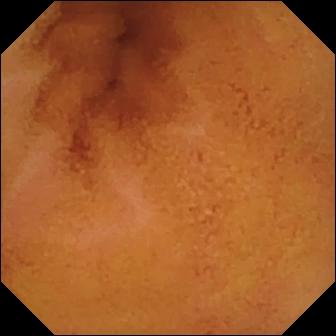Video capsule endoscopy image (small intestine), 336×336. Normal clean mucosa.